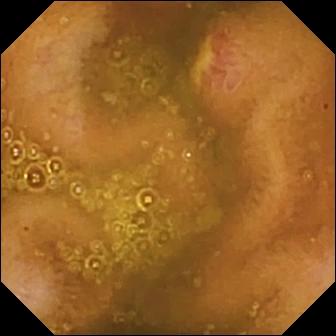Q: What does this WCE view show?
A: Ulcer.